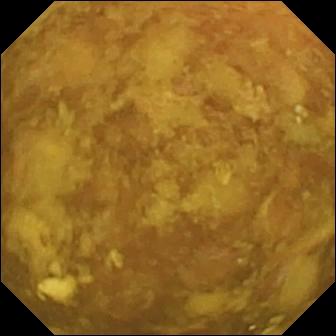Reduced mucosal view (content or bubbles obscuring the mucosa).